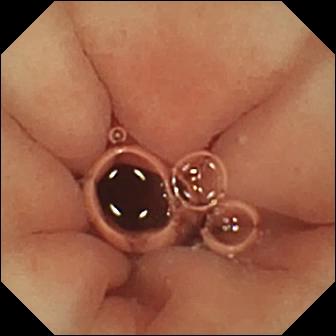modality: small-bowel capsule endoscopy; position: pylorus region (the junction between the stomach and the small bowel)